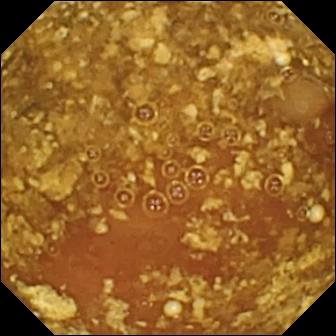Reduced mucosal view (content or bubbles obscuring the mucosa) — WCE image of the small bowel.